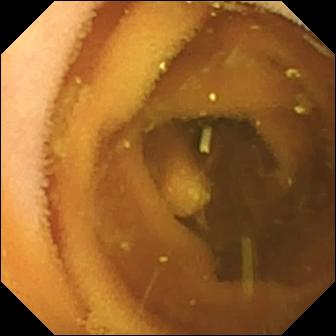{"modality": "WCE", "category": "luminal finding", "finding": "lymphangiectasia"}